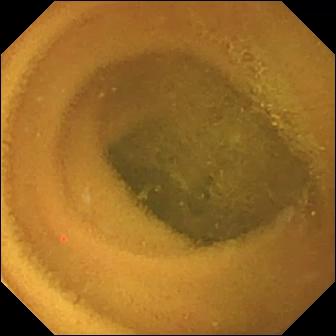Normal clean mucosa — small-bowel capsule endoscopy frame of the small intestine.